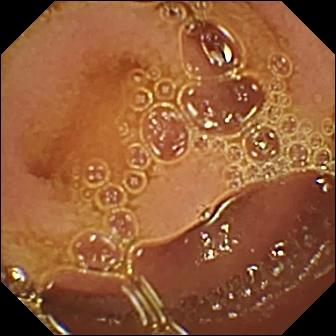Capsule endoscopy view of the small bowel showing normal clean mucosa.